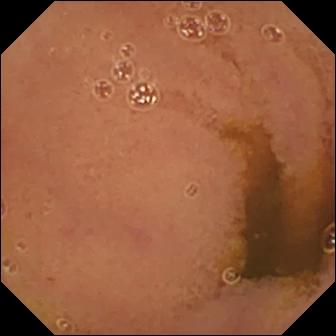This VCE frame of the small bowel shows normal clean mucosa.